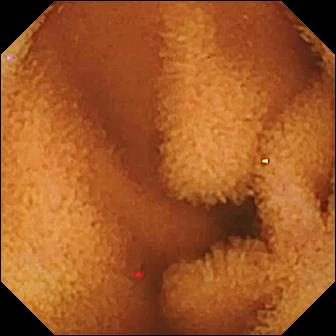Video capsule endoscopy view, small bowel
Label: normal clean mucosa